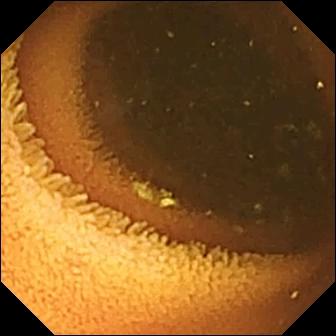Video capsule endoscopy view of the small intestine showing normal clean mucosa.